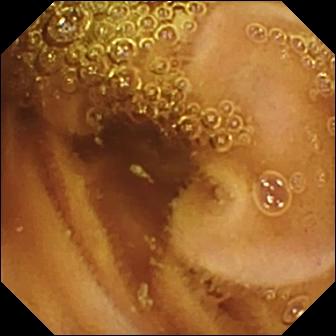Q: What does this small-bowel capsule endoscopy frame of the small bowel show?
A: Normal clean mucosa.